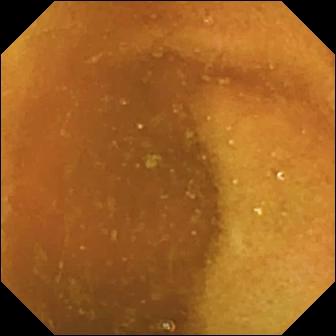Small-bowel capsule endoscopy snapshot (small bowel). Normal clean mucosa.